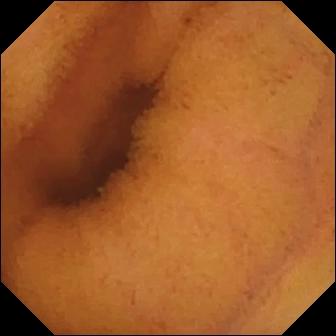modality: WCE | finding: normal clean mucosa